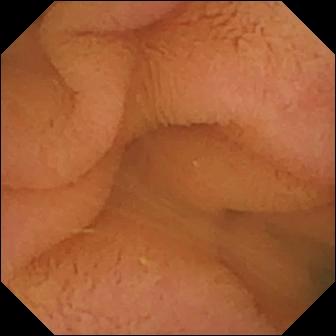PROCEDURE: Video capsule endoscopy.
SEGMENT: Small bowel.
FINDINGS: Normal clean mucosa.